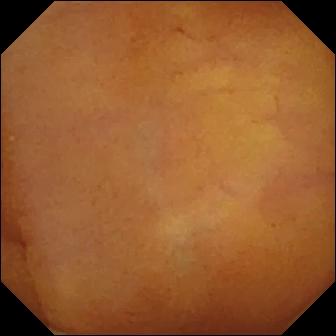Wireless capsule endoscopy still, small intestine
Finding: normal clean mucosa